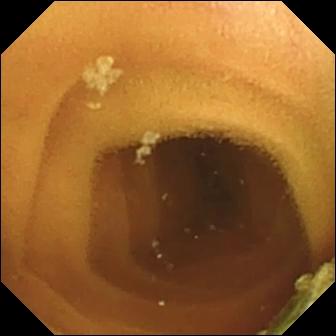PROCEDURE: Capsule endoscopy.
FINDINGS: Normal clean mucosa.